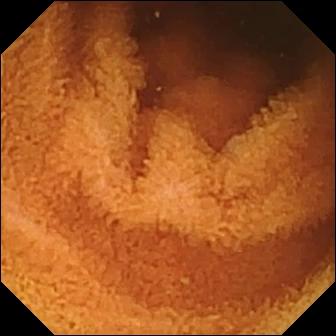- modality: WCE
- segment: small bowel
- impression: normal clean mucosa